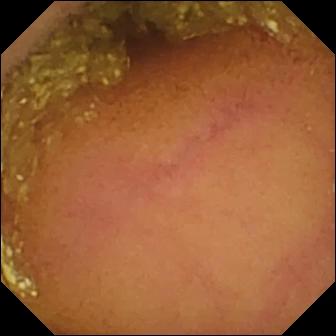Wireless capsule endoscopy — normal clean mucosa.